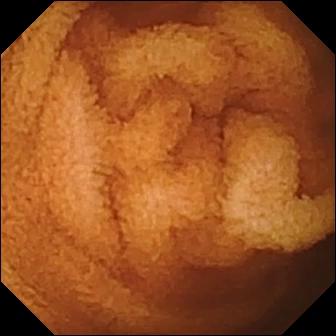Q: What does this small-bowel capsule endoscopy snapshot of the small bowel show?
A: Normal clean mucosa.